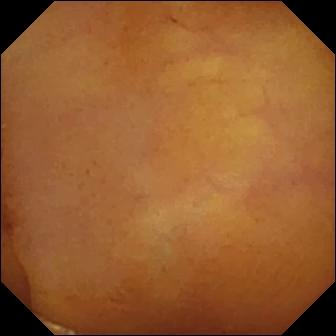Normal clean mucosa.